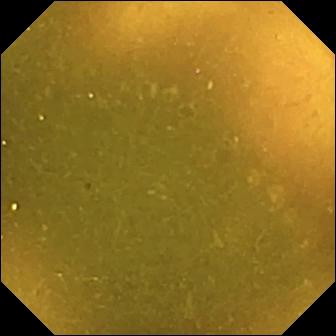Capsule endoscopy — ileo-cecal valve region (the transition from the small bowel to the large bowel).